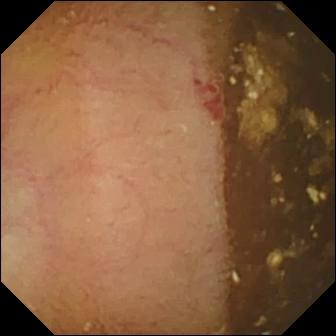VCE frame
Impression: angiectasia